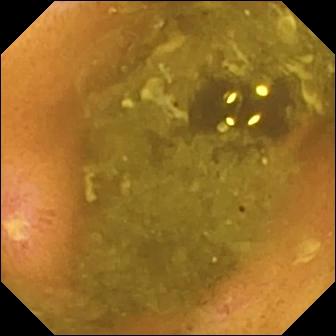Capsule endoscopy — ulcer.